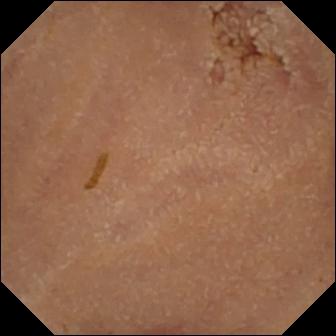modality: VCE
segment: small intestine
finding: normal clean mucosa